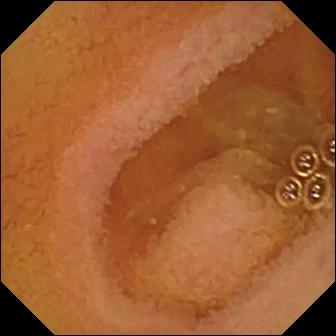- modality: wireless capsule endoscopy
- segment: small bowel
- category: luminal finding
- impression: normal clean mucosa